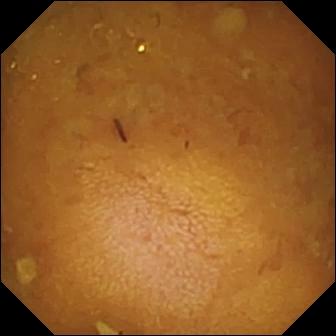This WCE frame of the small bowel shows reduced mucosal view (content or bubbles obscuring the mucosa).